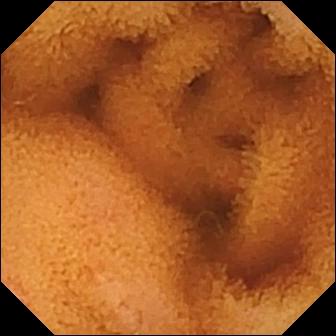{"modality": "WCE", "segment": "small bowel", "finding": "normal clean mucosa"}